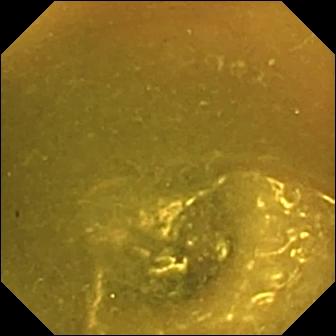VCE still, 336×336. Taken in the ileo-cecal valve region (where the capsule passes from the small bowel into the large bowel).